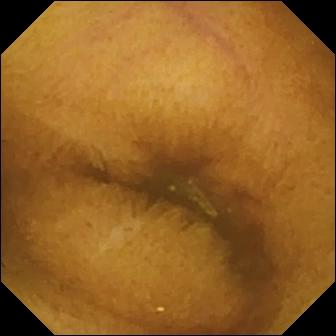Normal clean mucosa.